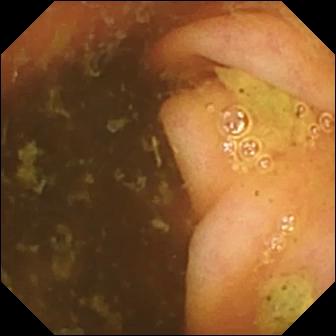This small-bowel capsule endoscopy still was taken in the ileo-cecal valve region.